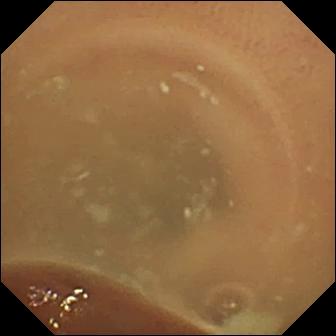- modality: WCE
- category: luminal finding
- observation: normal clean mucosa